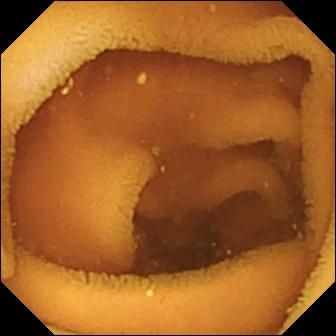Q: What does this VCE snapshot show?
A: Normal clean mucosa.